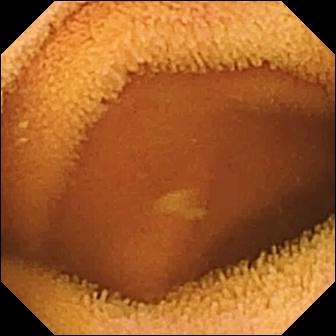This VCE image of the small bowel shows normal clean mucosa.